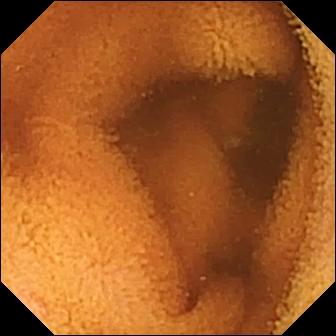- modality: WCE
- segment: small bowel
- label: normal clean mucosa